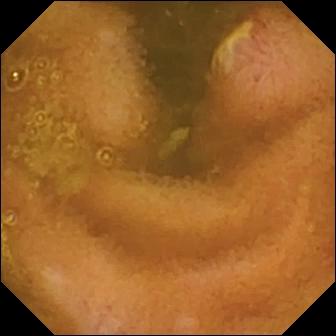Small-bowel capsule endoscopy. Luminal finding. Observation: ulcer.